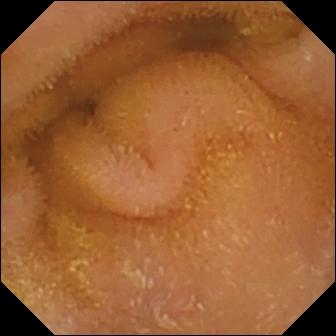Normal clean mucosa — WCE frame.